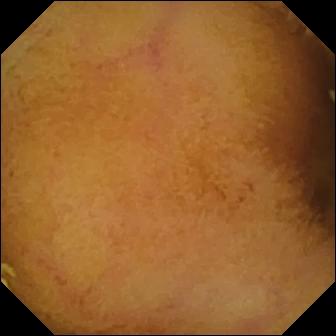Normal clean mucosa — WCE still.